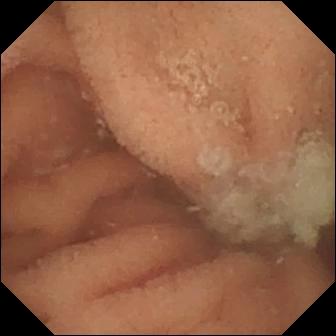Small-bowel capsule endoscopy frame (small intestine). Normal clean mucosa.